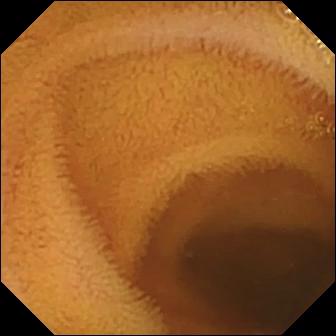- modality: wireless capsule endoscopy
- finding: normal clean mucosa